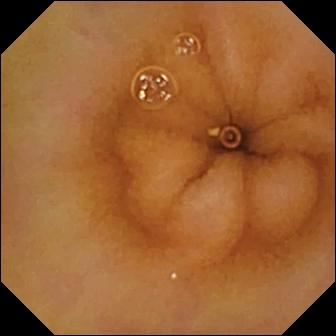PROCEDURE: Small-bowel capsule endoscopy.
FINDINGS: Normal clean mucosa.